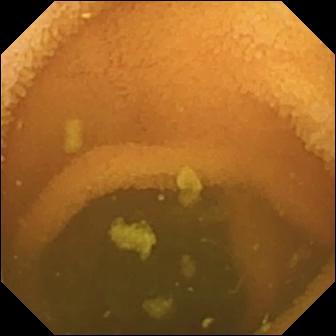Normal clean mucosa (336×336).